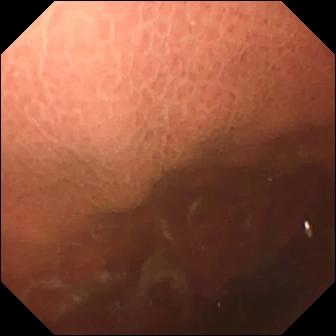Q: Where in the digestive tract was this VCE view taken?
A: Pylorus region (where the capsule passes from the stomach into the small bowel).